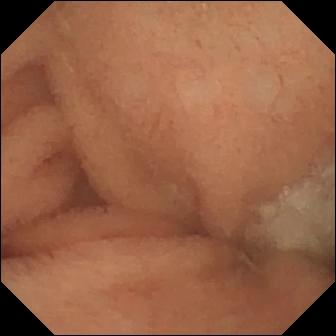Wireless capsule endoscopy image of the small bowel showing normal clean mucosa.